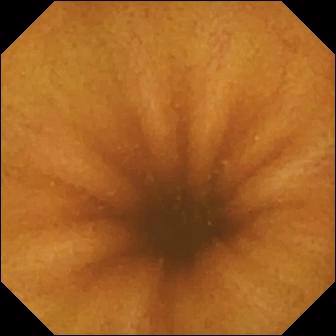- modality: small-bowel capsule endoscopy
- label: normal clean mucosa